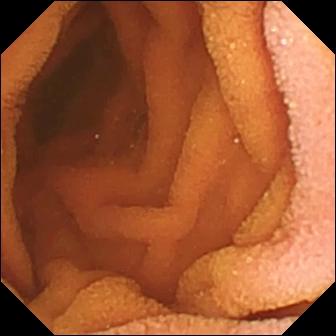This small-bowel capsule endoscopy still of the small bowel shows normal clean mucosa.